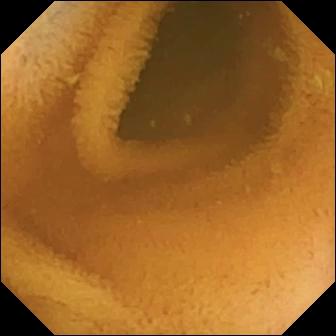Video capsule endoscopy still (small bowel). Normal clean mucosa.